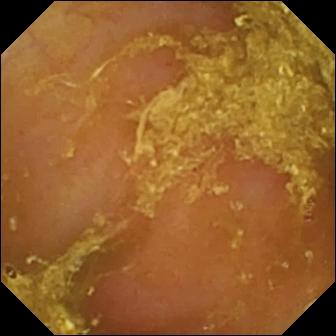Wireless capsule endoscopy still (small bowel). Reduced mucosal view (content or bubbles obscuring the mucosa).